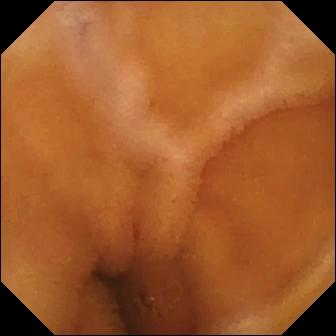Normal clean mucosa.